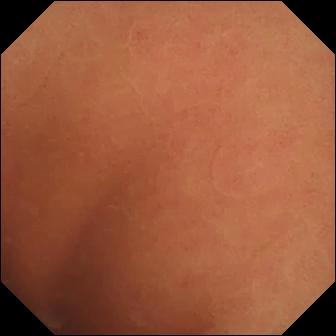Wireless capsule endoscopy snapshot
Observation: normal clean mucosa